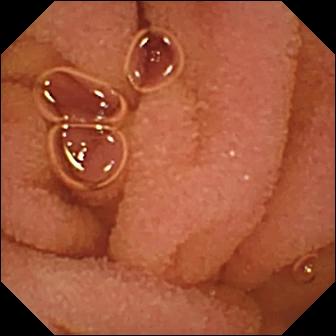Normal clean mucosa.